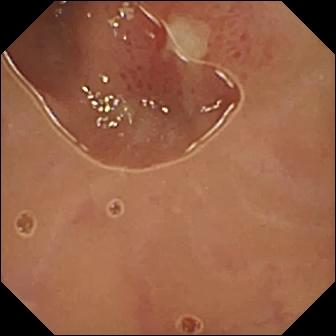This video capsule endoscopy image shows ulcer.